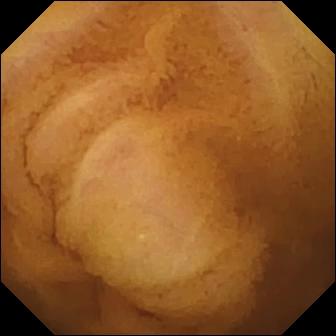- modality: video capsule endoscopy
- impression: normal clean mucosa